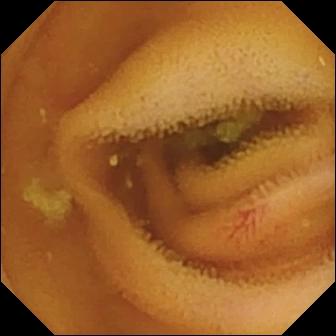- modality: wireless capsule endoscopy
- finding: angiectasia